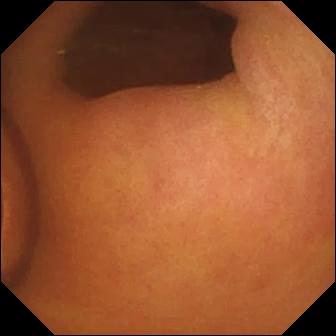Capsule endoscopy view
Observation: foreign body (e.g. retained capsule, tablet residue)